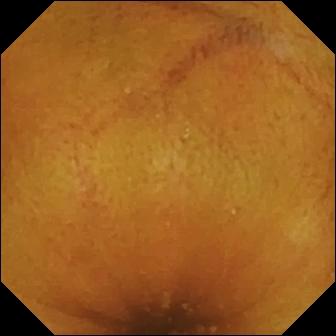Q: What does this wireless capsule endoscopy snapshot show?
A: Normal clean mucosa.